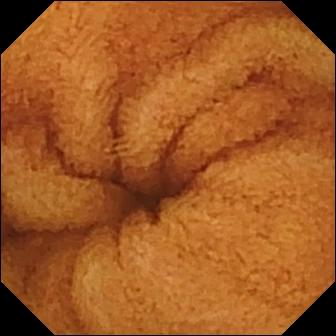- modality: VCE
- impression: normal clean mucosa